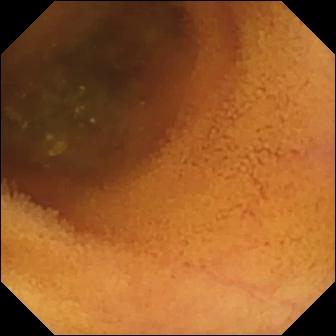VCE. Small bowel. Impression: normal clean mucosa.